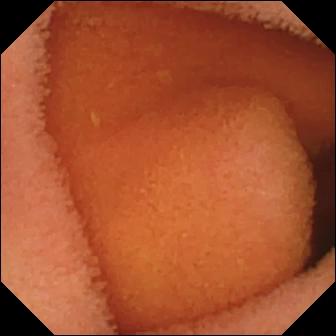Wireless capsule endoscopy. Impression: normal clean mucosa.